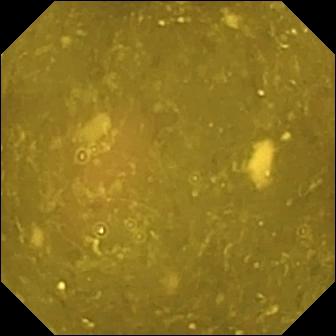Video capsule endoscopy. Label: ileo-cecal valve region (the transition from the small bowel to the large bowel).